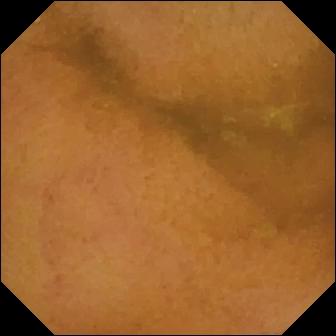This wireless capsule endoscopy still shows normal clean mucosa.